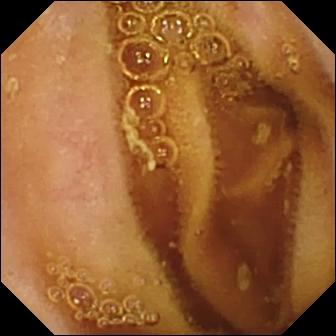Q: What does this wireless capsule endoscopy still of the small intestine show?
A: Normal clean mucosa.